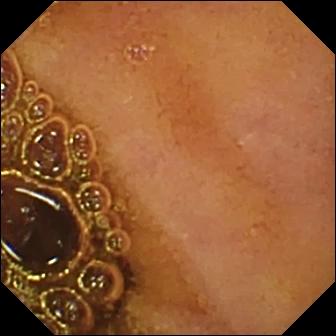modality: capsule endoscopy
label: normal clean mucosa